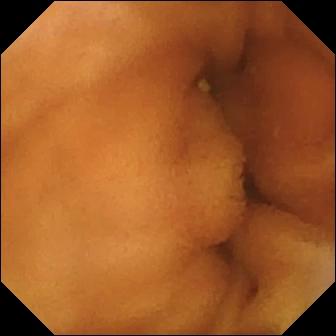PROCEDURE: Capsule endoscopy.
FINDINGS: Normal clean mucosa.